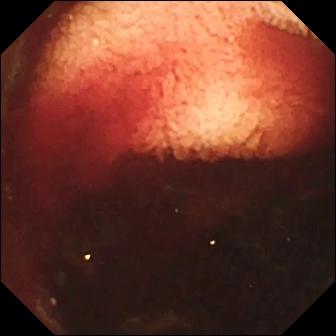Fresh blood in the lumen — VCE still.